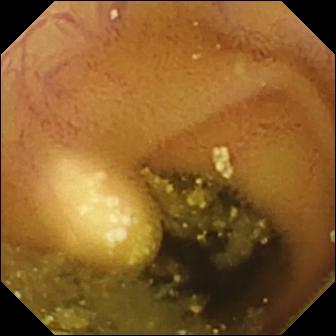WCE snapshot
Observation: lymphangiectasia